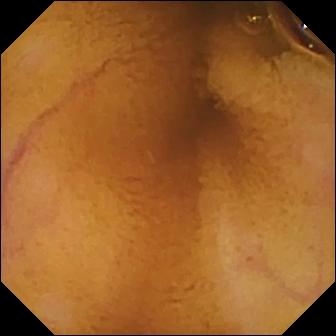- modality: video capsule endoscopy
- segment: small intestine
- observation: normal clean mucosa